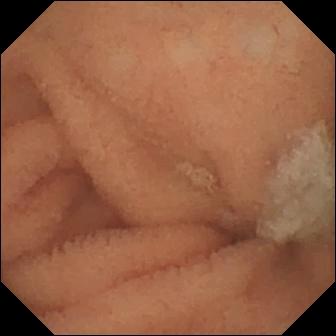Video capsule endoscopy still (small bowel). Normal clean mucosa.